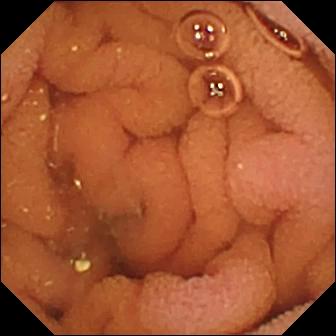Wireless capsule endoscopy — normal clean mucosa.